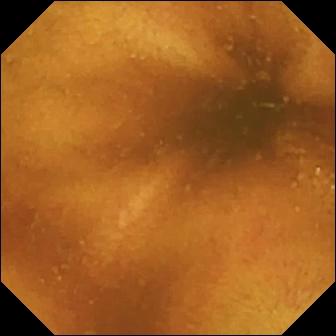modality: small-bowel capsule endoscopy | segment: small bowel | observation: normal clean mucosa